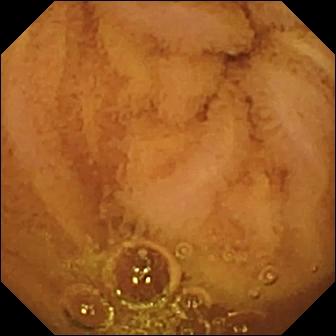Wireless capsule endoscopy still. Normal clean mucosa.